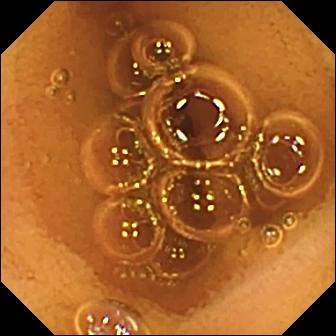PROCEDURE: WCE.
FINDINGS: Normal clean mucosa.